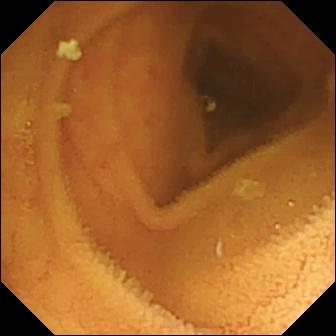Video capsule endoscopy still showing normal clean mucosa.